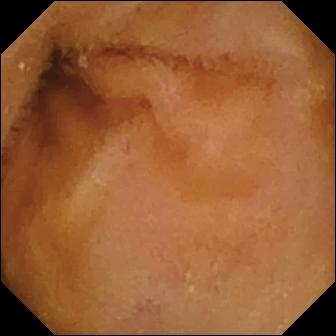Q: What does this video capsule endoscopy image of the small bowel show?
A: Normal clean mucosa.